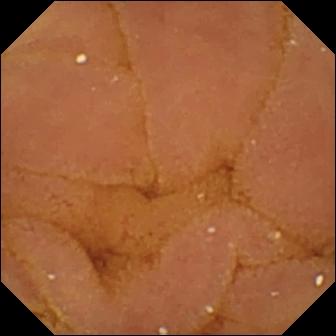This VCE image of the small intestine shows normal clean mucosa.